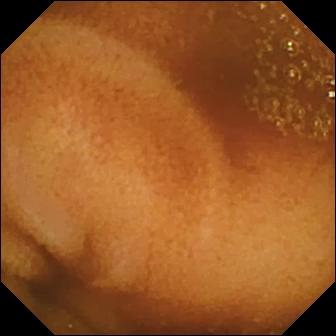Video capsule endoscopy. Label: normal clean mucosa.